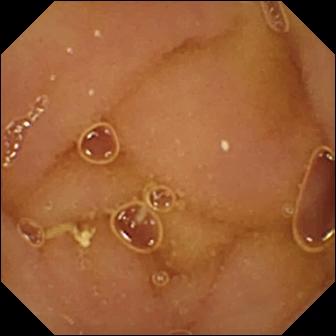{"modality": "WCE", "segment": "small bowel", "finding": "normal clean mucosa"}